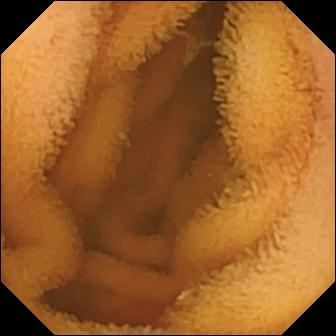Wireless capsule endoscopy snapshot, small intestine
Impression: normal clean mucosa